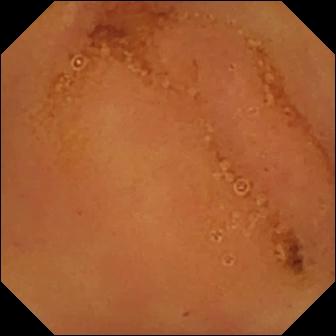Q: What does this video capsule endoscopy frame of the small bowel show?
A: Normal clean mucosa.